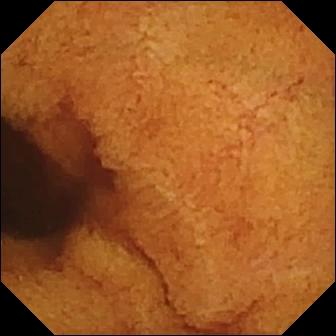- modality: VCE
- segment: small bowel
- observation: normal clean mucosa